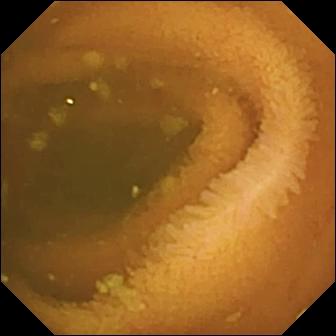Normal clean mucosa.